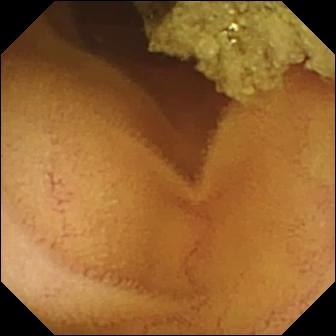This WCE frame shows normal clean mucosa.